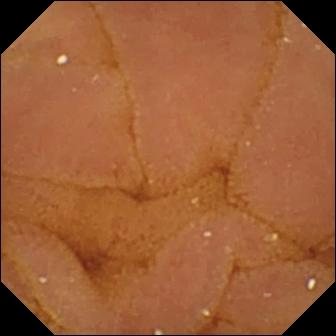{"modality": "VCE", "segment": "small bowel", "finding": "normal clean mucosa"}